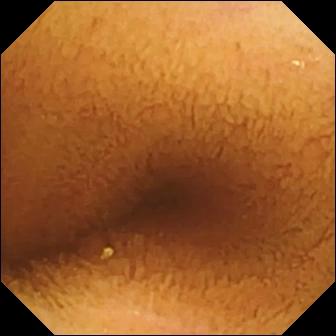This wireless capsule endoscopy frame of the small bowel shows normal clean mucosa.